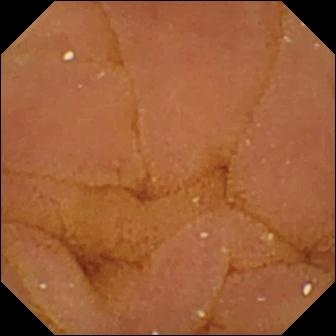Small-bowel capsule endoscopy. Finding: normal clean mucosa.